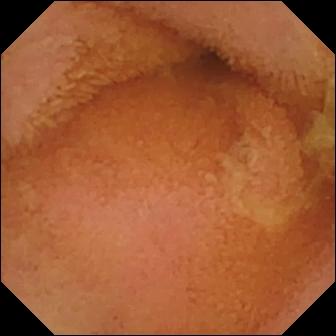Normal clean mucosa.